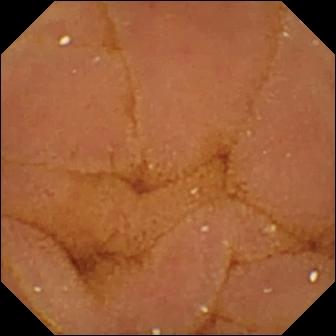PROCEDURE: Video capsule endoscopy.
SEGMENT: Small intestine.
FINDINGS: Normal clean mucosa.